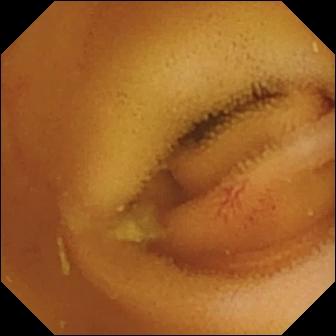- modality: video capsule endoscopy
- impression: angiectasia